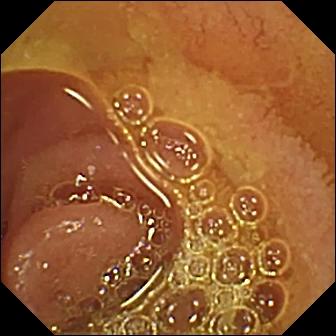Normal clean mucosa — VCE frame of the small bowel.